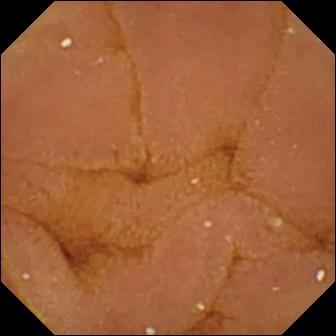Capsule endoscopy — normal clean mucosa.